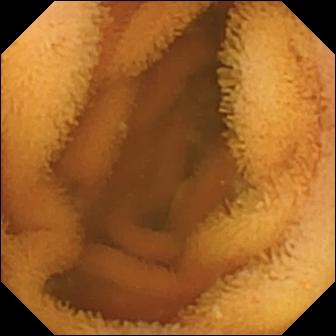Capsule endoscopy — normal clean mucosa.